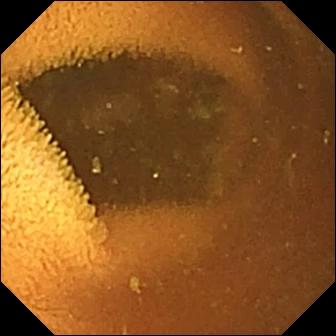Capsule endoscopy. Small bowel. Observation: normal clean mucosa.